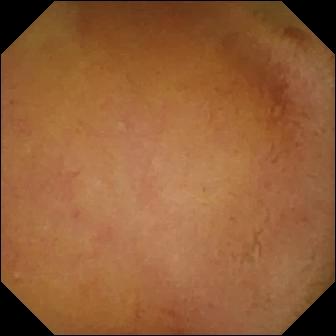Small-bowel capsule endoscopy. Small intestine. Finding: normal clean mucosa.